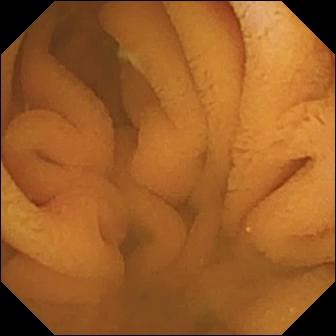- modality: small-bowel capsule endoscopy
- category: luminal finding
- label: normal clean mucosa